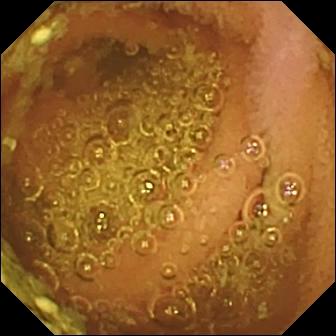Normal clean mucosa — capsule endoscopy still.